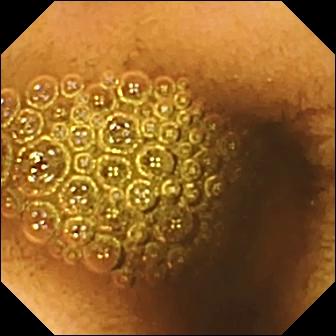{"modality": "WCE", "segment": "small bowel", "category": "luminal finding", "finding": "reduced mucosal view (content or bubbles obscuring the mucosa)"}